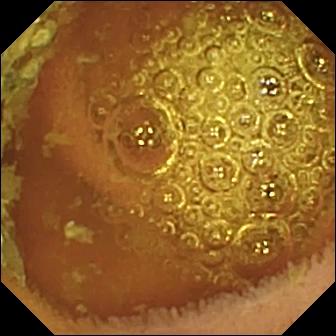Small-bowel capsule endoscopy still showing normal clean mucosa.